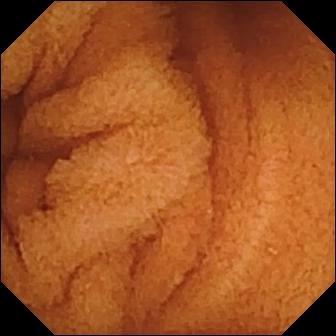- modality: video capsule endoscopy
- category: luminal finding
- observation: normal clean mucosa